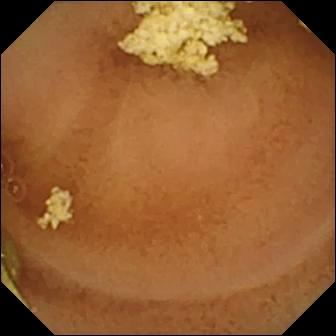WCE view. Normal clean mucosa.